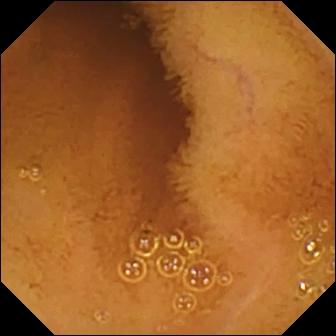modality: wireless capsule endoscopy; finding: normal clean mucosa